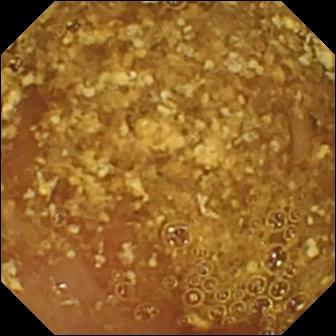PROCEDURE: Wireless capsule endoscopy.
FINDINGS: Reduced mucosal view (content or bubbles obscuring the mucosa).